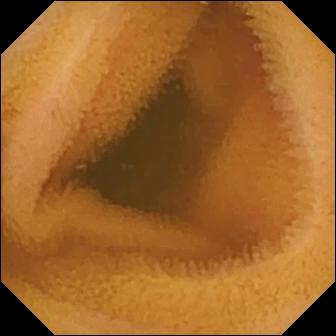Video capsule endoscopy still
Label: normal clean mucosa